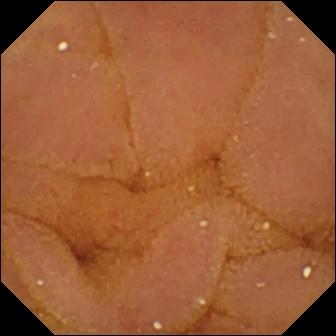This small-bowel capsule endoscopy view of the small bowel shows normal clean mucosa.